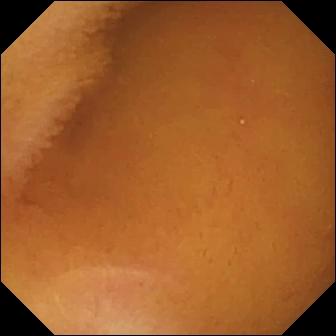This wireless capsule endoscopy frame of the small bowel shows normal clean mucosa.